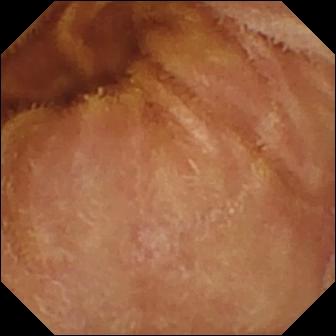Small-bowel capsule endoscopy frame, 336×336. Normal clean mucosa.